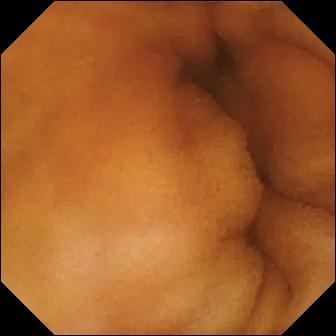Normal clean mucosa.